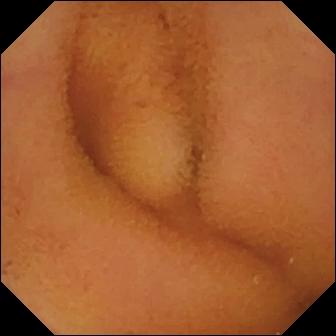Q: What does this wireless capsule endoscopy image of the small intestine show?
A: Normal clean mucosa.